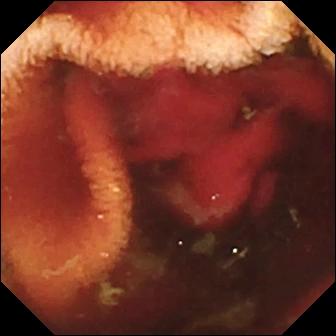Video capsule endoscopy view
Label: fresh blood in the lumen